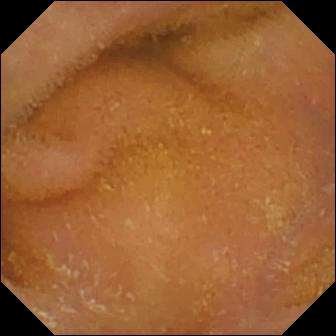WCE snapshot of the small bowel showing normal clean mucosa.